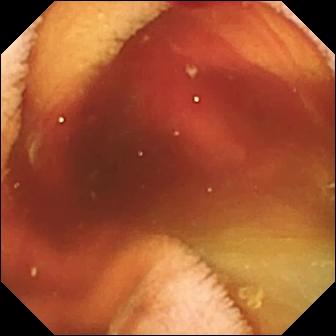modality: VCE | impression: fresh blood in the lumen